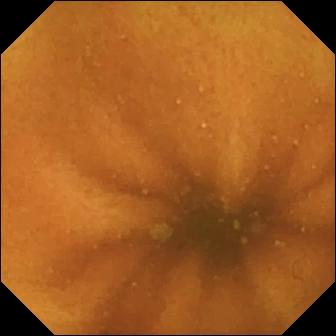This small-bowel capsule endoscopy still shows normal clean mucosa.